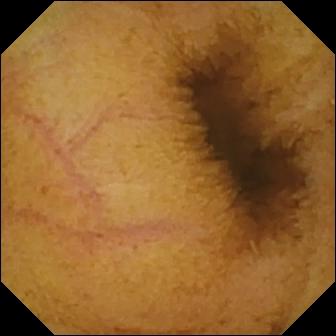Wireless capsule endoscopy view. Normal clean mucosa.